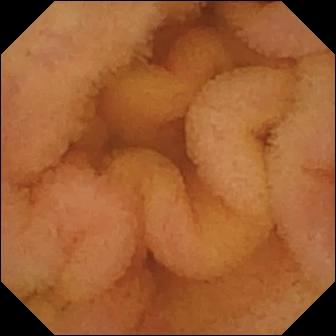WCE view
Label: normal clean mucosa